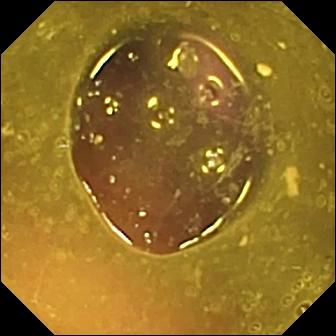Q: What does this small-bowel capsule endoscopy view show?
A: Reduced mucosal view (content or bubbles obscuring the mucosa).